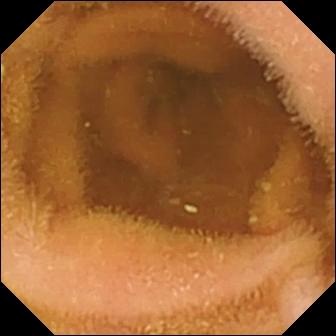- modality: wireless capsule endoscopy
- segment: small bowel
- label: normal clean mucosa